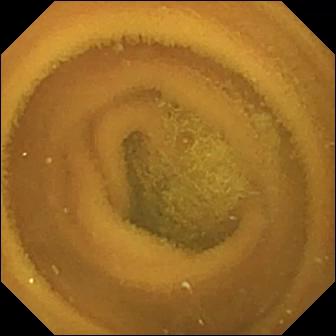WCE — normal clean mucosa.